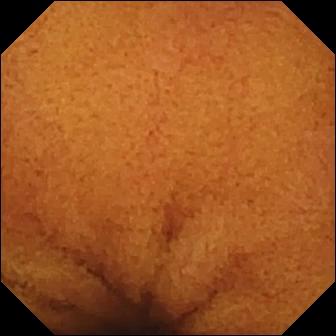{"modality": "capsule endoscopy", "finding": "normal clean mucosa"}